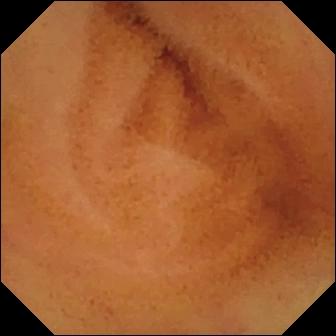Video capsule endoscopy — normal clean mucosa.